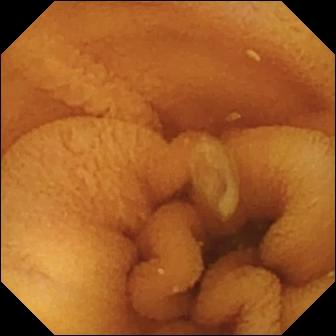Normal clean mucosa — capsule endoscopy still of the small intestine.